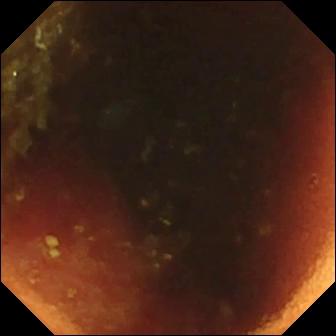modality: VCE; category: anatomical landmark; video segment: ileo-cecal valve region (where the capsule passes from the small bowel into the large bowel)